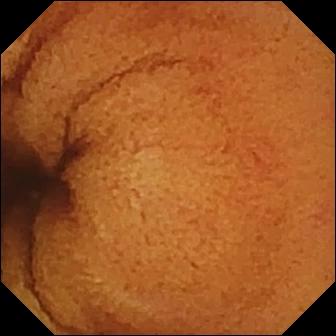VCE view. Normal clean mucosa.